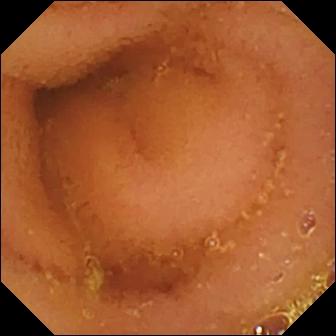Normal clean mucosa.